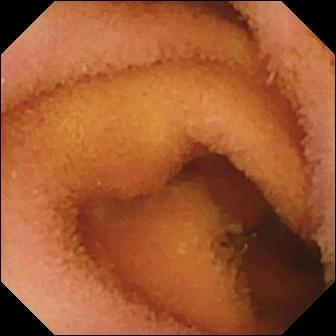Normal clean mucosa.